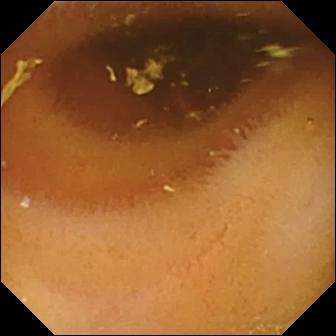Normal clean mucosa — video capsule endoscopy view of the small intestine.